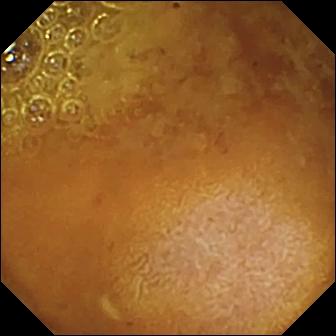This small-bowel capsule endoscopy image shows reduced mucosal view (content or bubbles obscuring the mucosa).